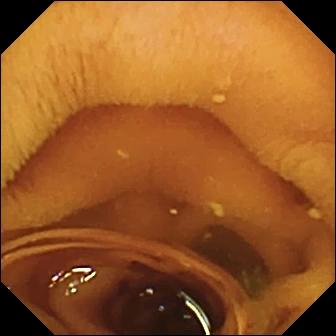modality: video capsule endoscopy; finding: normal clean mucosa